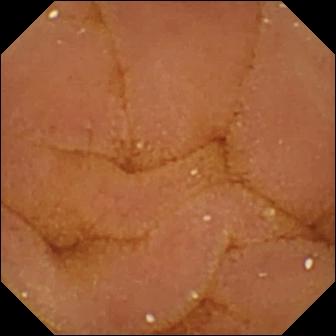Wireless capsule endoscopy still
Finding: normal clean mucosa